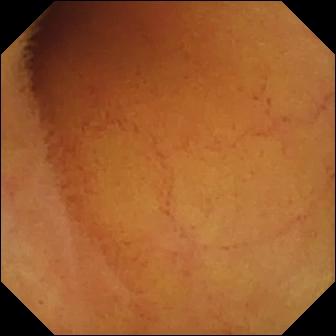Q: What does this capsule endoscopy still show?
A: Normal clean mucosa.